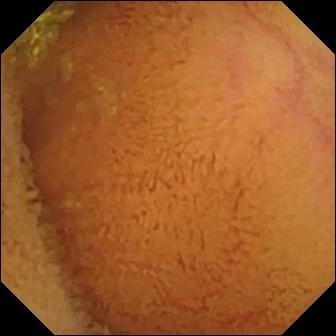Normal clean mucosa — wireless capsule endoscopy frame.